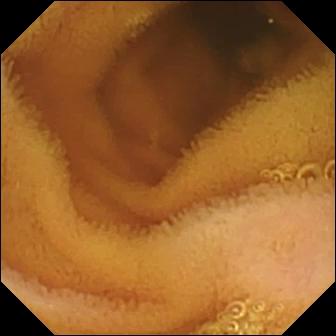WCE. Observation: normal clean mucosa.